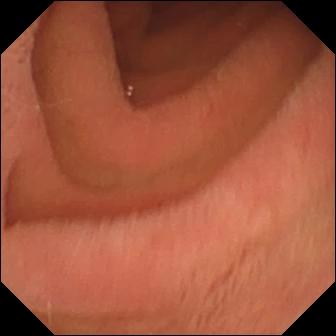Pylorus region (the junction between the stomach and the small bowel) — VCE image.